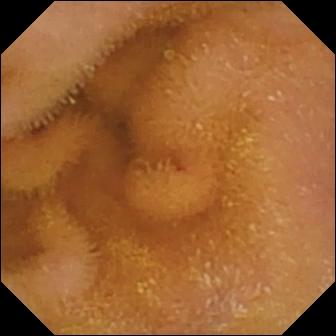Q: What does this small-bowel capsule endoscopy view show?
A: Normal clean mucosa.